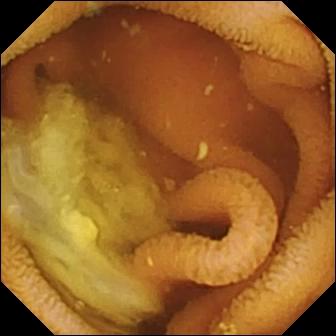PROCEDURE: Video capsule endoscopy.
SEGMENT: Small bowel.
FINDINGS: Normal clean mucosa.